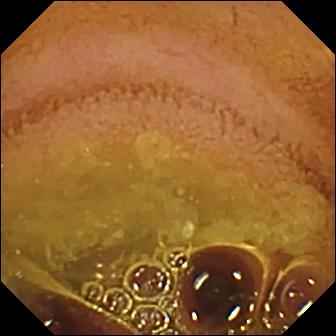PROCEDURE: VCE.
FINDINGS: Normal clean mucosa.